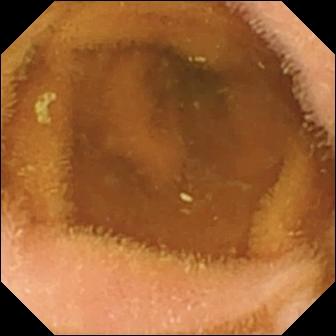Normal clean mucosa.